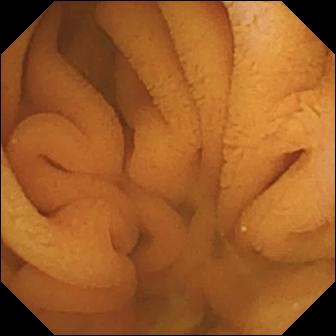Q: What does this capsule endoscopy frame of the small intestine show?
A: Normal clean mucosa.